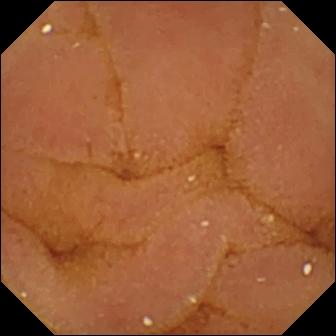Wireless capsule endoscopy still of the small intestine showing normal clean mucosa.